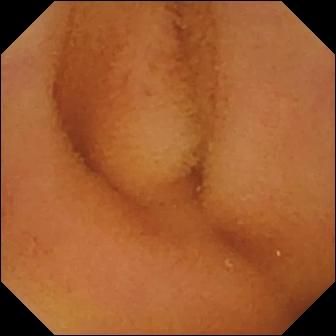Wireless capsule endoscopy still showing normal clean mucosa.